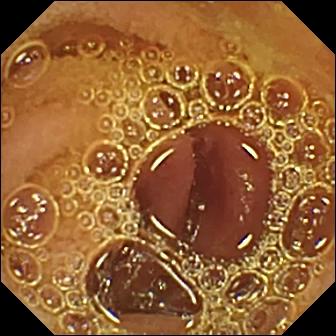Capsule endoscopy — normal clean mucosa.